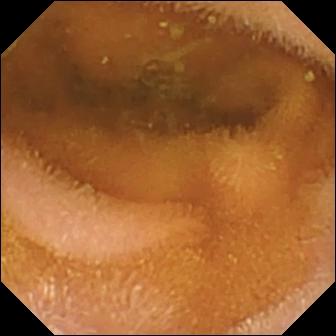- modality: wireless capsule endoscopy
- segment: small intestine
- category: luminal finding
- impression: normal clean mucosa